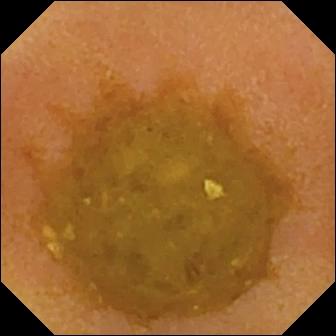Reduced mucosal view (content or bubbles obscuring the mucosa) (336×336).